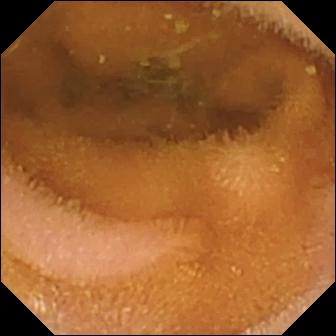Capsule endoscopy view of the small bowel showing normal clean mucosa.